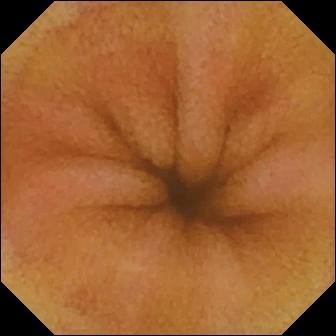This WCE still shows erythema (mucosal redness).